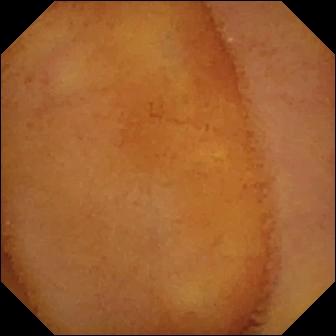Normal clean mucosa.